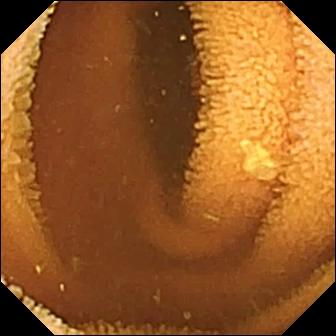Capsule endoscopy frame
Label: normal clean mucosa